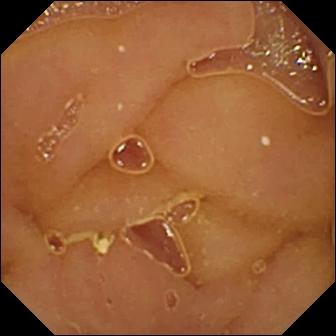{"modality": "WCE", "segment": "small bowel", "category": "luminal finding", "finding": "normal clean mucosa"}